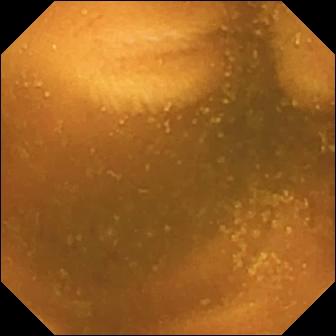Normal clean mucosa.